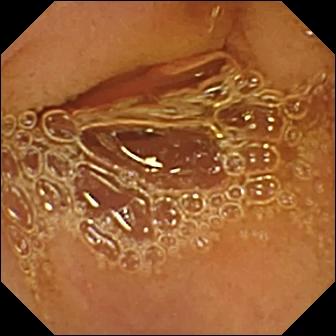modality: video capsule endoscopy; label: normal clean mucosa